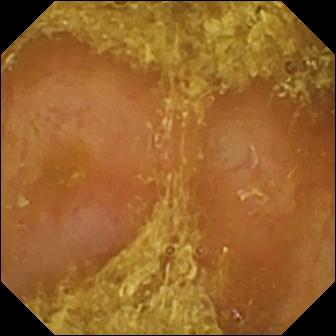VCE. Small bowel. Label: reduced mucosal view (content or bubbles obscuring the mucosa).